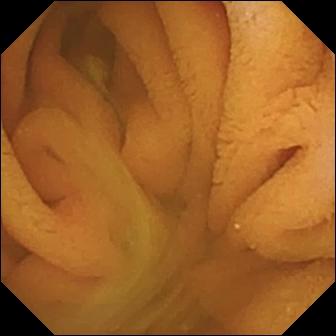WCE view, small intestine
Label: normal clean mucosa